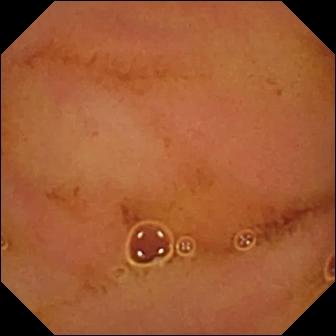This VCE frame shows normal clean mucosa.